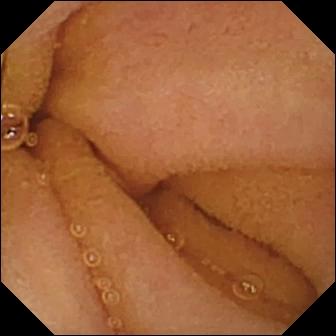Capsule endoscopy still
Label: normal clean mucosa